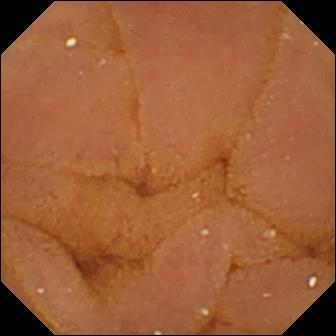Capsule endoscopy still of the small bowel showing normal clean mucosa.